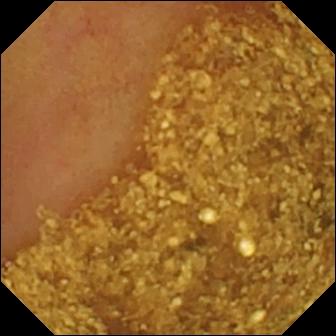PROCEDURE: WCE.
LOCATION: Ileo-cecal valve region (the transition from the small bowel to the large bowel).